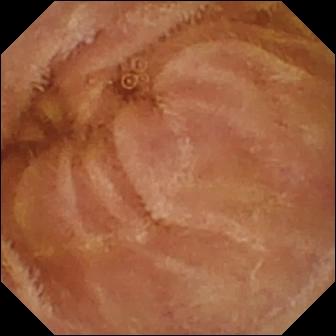WCE image (small intestine), 336×336. Normal clean mucosa.